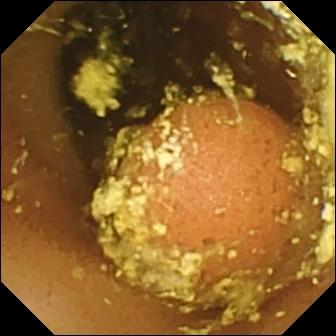Foreign body (e.g. retained capsule, tablet residue) — wireless capsule endoscopy image.